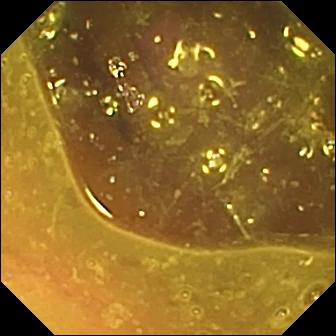Wireless capsule endoscopy image
Observation: reduced mucosal view (content or bubbles obscuring the mucosa)